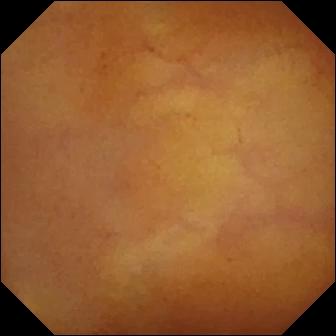modality: VCE; observation: normal clean mucosa